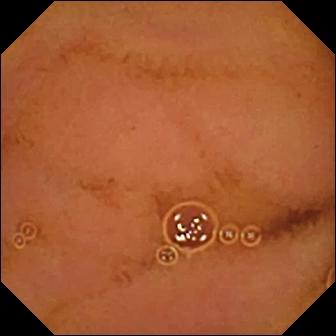modality: capsule endoscopy
category: luminal finding
impression: normal clean mucosa